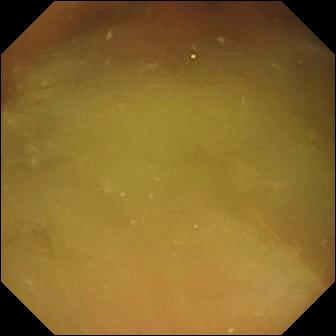PROCEDURE: WCE.
FINDINGS: Normal clean mucosa.